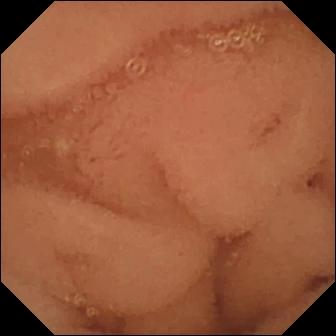Small-bowel capsule endoscopy view showing normal clean mucosa.